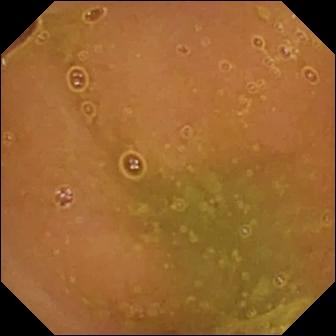This video capsule endoscopy frame shows normal clean mucosa.